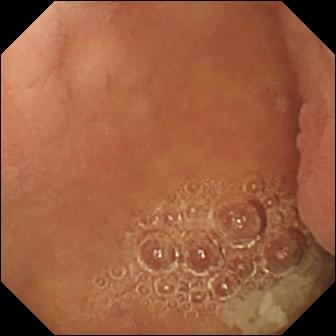This VCE frame was taken in the pylorus region (the junction between the stomach and the small bowel).